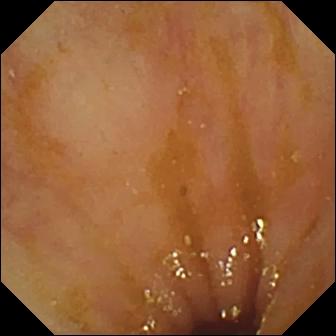Q: Where in the digestive tract was this WCE still taken?
A: Ileo-cecal valve region (where the capsule passes from the small bowel into the large bowel).